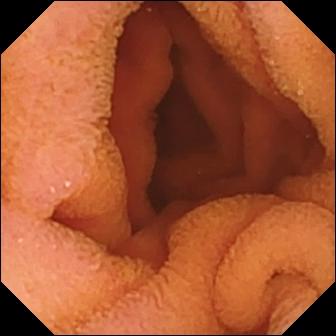{"modality": "wireless capsule endoscopy", "segment": "small bowel", "finding": "normal clean mucosa"}